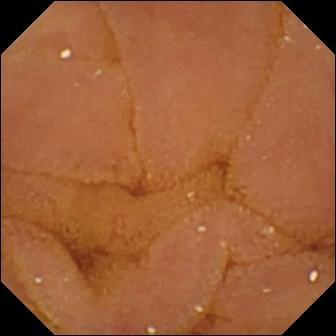Wireless capsule endoscopy image showing normal clean mucosa.